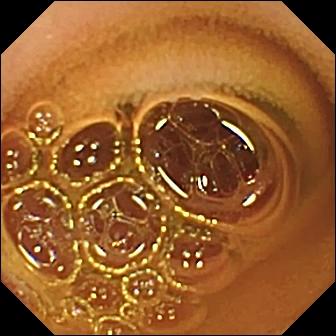Normal clean mucosa — wireless capsule endoscopy still.